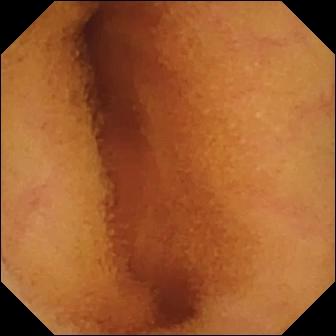PROCEDURE: Wireless capsule endoscopy.
FINDINGS: Normal clean mucosa.